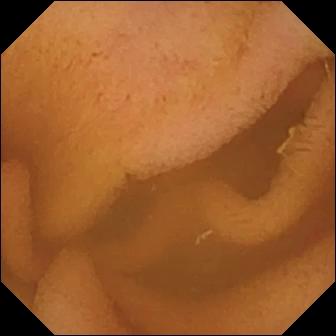PROCEDURE: WCE.
FINDINGS: Normal clean mucosa.